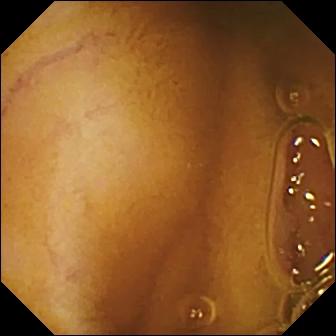Capsule endoscopy — normal clean mucosa.